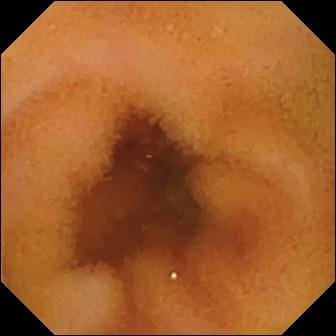Video capsule endoscopy snapshot, 336×336. Normal clean mucosa.